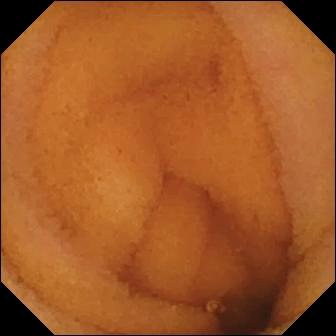Video capsule endoscopy snapshot (small intestine), 336×336. Normal clean mucosa.